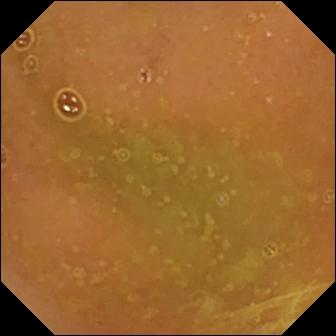Normal clean mucosa.